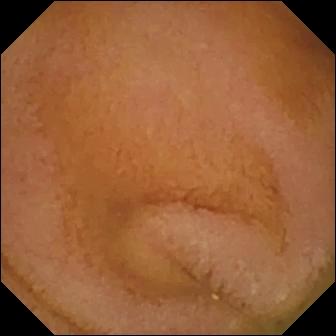Normal clean mucosa — VCE image.